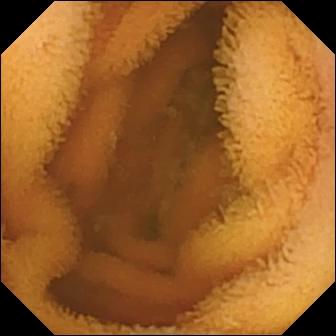- modality: WCE
- segment: small intestine
- impression: normal clean mucosa